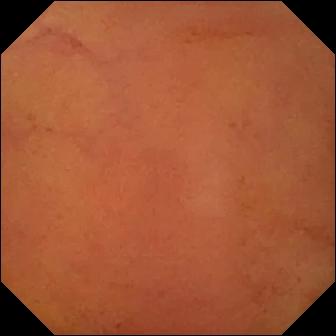Normal clean mucosa.